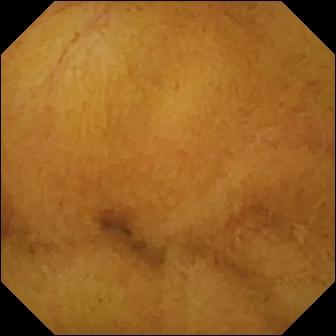Small-bowel capsule endoscopy — normal clean mucosa.